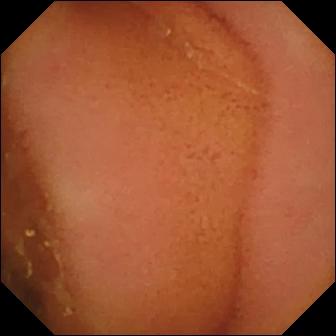Q: What does this WCE image of the small intestine show?
A: Normal clean mucosa.